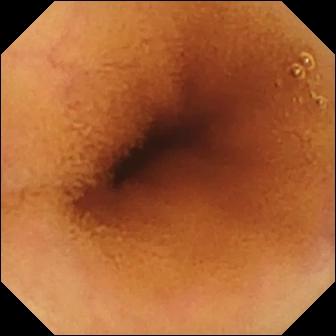Q: What does this wireless capsule endoscopy image of the small bowel show?
A: Normal clean mucosa.